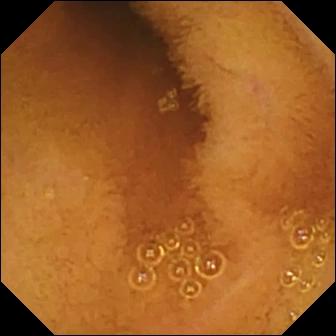This wireless capsule endoscopy still shows normal clean mucosa.